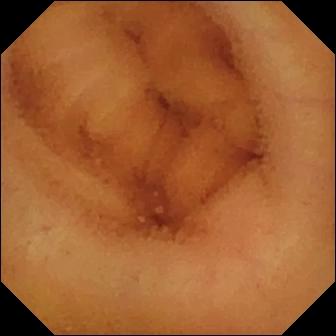Capsule endoscopy frame (small intestine), 336×336. Normal clean mucosa.